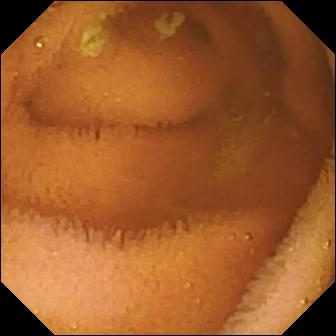{"modality": "wireless capsule endoscopy", "segment": "small intestine", "finding": "normal clean mucosa"}